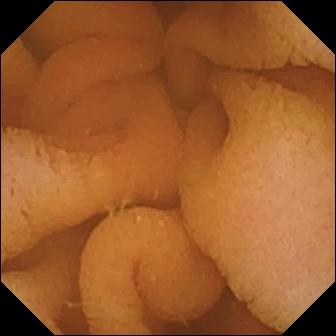Video capsule endoscopy snapshot (small bowel). Normal clean mucosa.